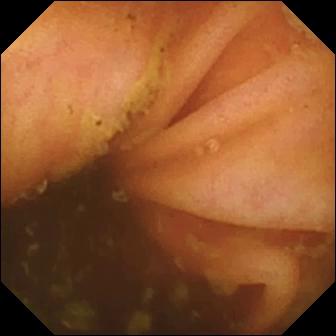modality: VCE; category: anatomical landmark; label: ileo-cecal valve region (the transition from the small bowel to the large bowel)